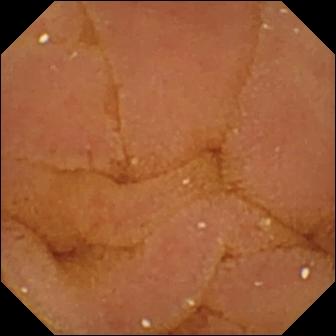Video capsule endoscopy — normal clean mucosa.